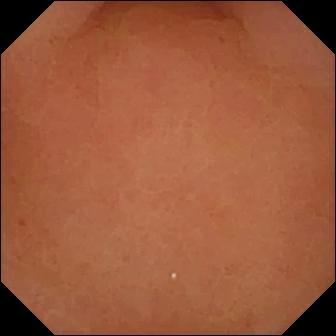VCE view. Taken in the pylorus region.